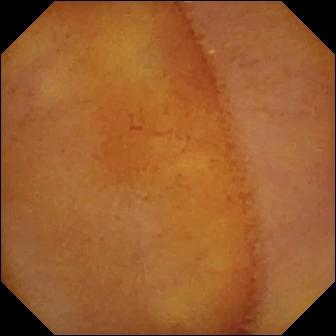Normal clean mucosa — capsule endoscopy frame of the small intestine.